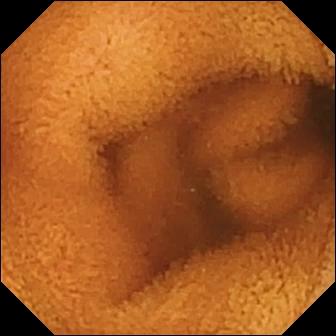- modality: capsule endoscopy
- segment: small bowel
- observation: normal clean mucosa